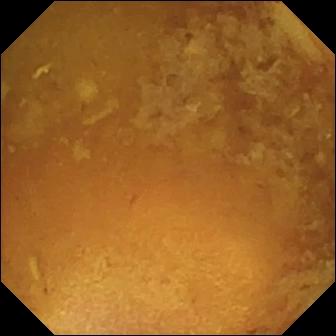{"modality": "wireless capsule endoscopy", "finding": "reduced mucosal view (content or bubbles obscuring the mucosa)"}